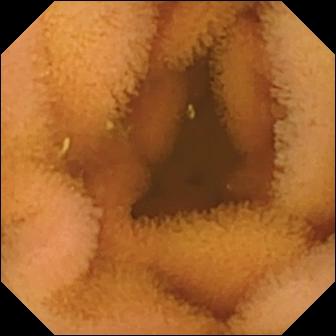Normal clean mucosa.